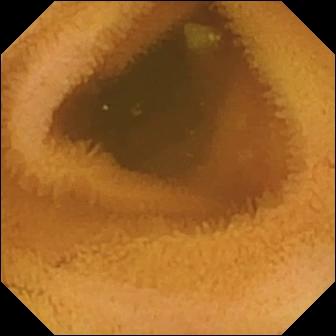- modality: capsule endoscopy
- category: luminal finding
- impression: normal clean mucosa